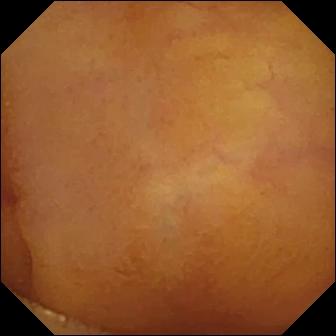modality: wireless capsule endoscopy; observation: normal clean mucosa